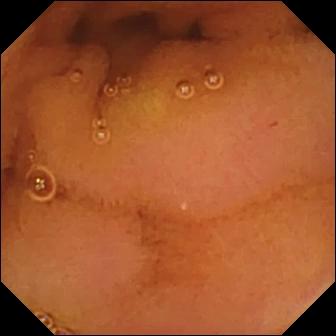Small-bowel capsule endoscopy snapshot
Impression: normal clean mucosa